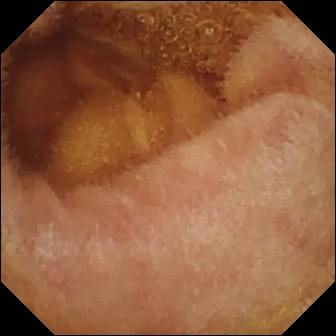Normal clean mucosa — small-bowel capsule endoscopy frame.